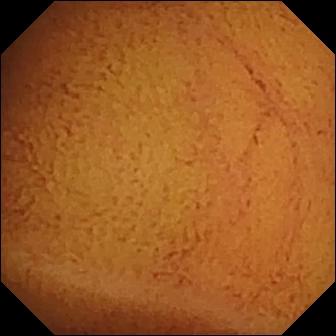{"modality": "VCE", "finding": "normal clean mucosa"}